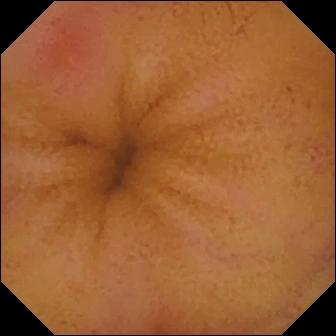Erythema (mucosal redness).